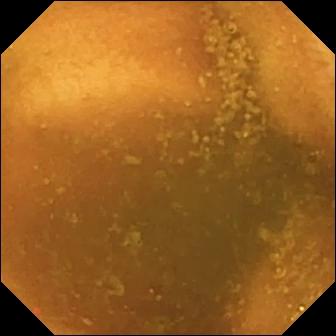This small-bowel capsule endoscopy still shows normal clean mucosa.